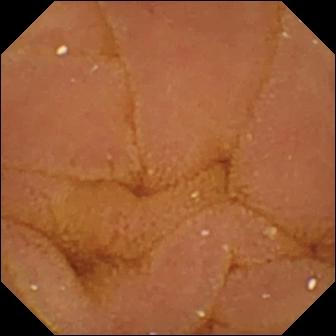Normal clean mucosa.